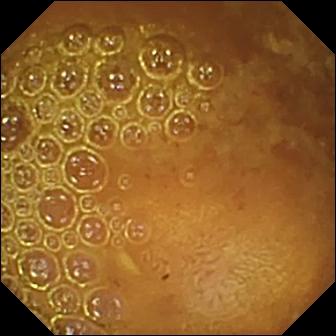Capsule endoscopy image, small intestine
Observation: reduced mucosal view (content or bubbles obscuring the mucosa)